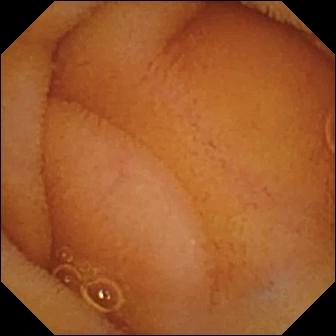- modality: VCE
- category: luminal finding
- label: normal clean mucosa